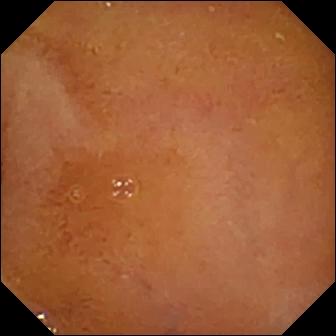Video capsule endoscopy still (small bowel). Normal clean mucosa.